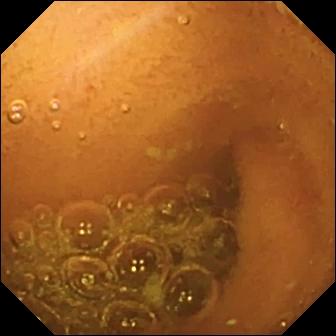VCE image (small intestine). Normal clean mucosa.